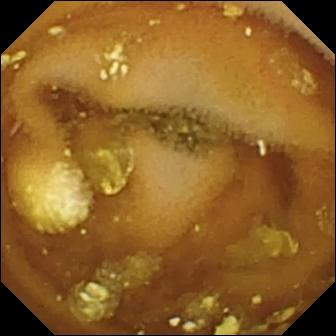This WCE snapshot shows lymphangiectasia.